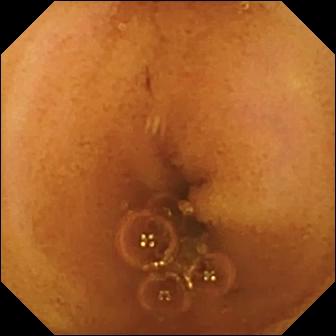modality: small-bowel capsule endoscopy
finding: normal clean mucosa